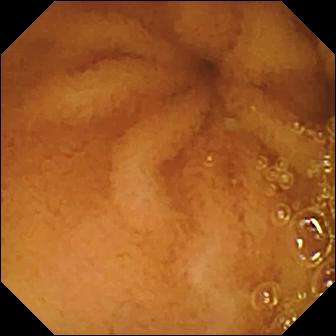PROCEDURE: Small-bowel capsule endoscopy.
FINDINGS: Normal clean mucosa.